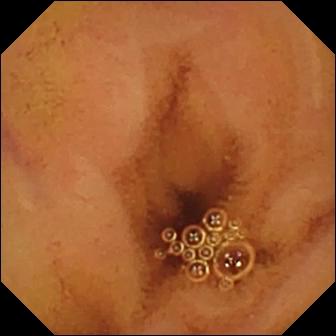Q: What does this wireless capsule endoscopy snapshot show?
A: Normal clean mucosa.